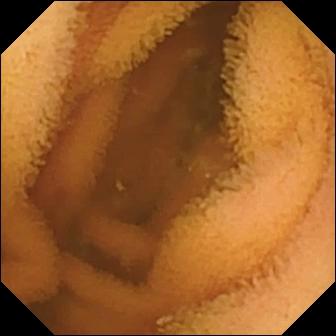Normal clean mucosa — capsule endoscopy snapshot.